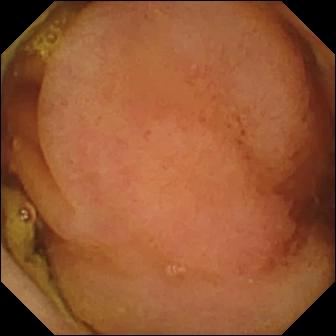Small-bowel capsule endoscopy — polyp.